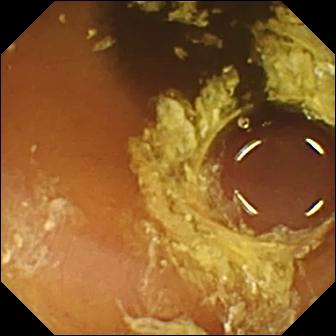- modality: VCE
- segment: small intestine
- category: luminal finding
- impression: normal clean mucosa